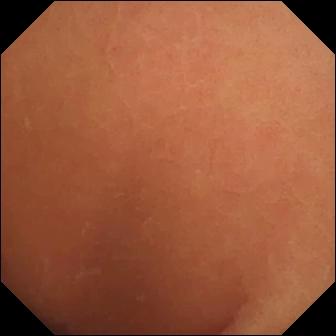WCE — normal clean mucosa.